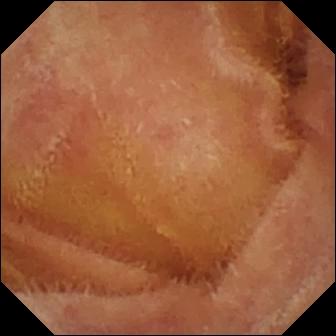{"modality": "video capsule endoscopy", "segment": "small intestine", "finding": "normal clean mucosa"}